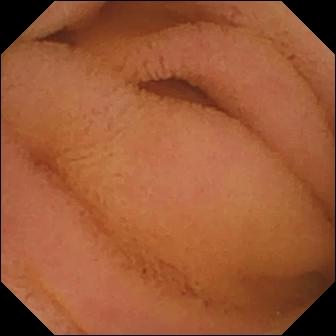WCE still
Impression: normal clean mucosa